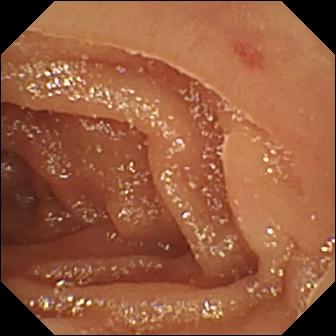Wireless capsule endoscopy view. Angiectasia.